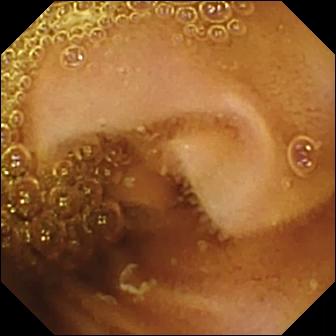Q: What does this wireless capsule endoscopy snapshot show?
A: Normal clean mucosa.